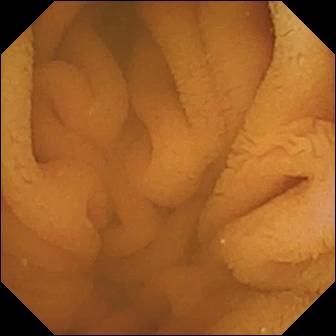Normal clean mucosa.